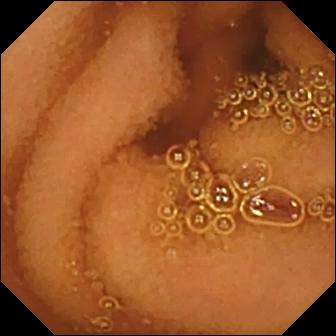Normal clean mucosa (336×336).